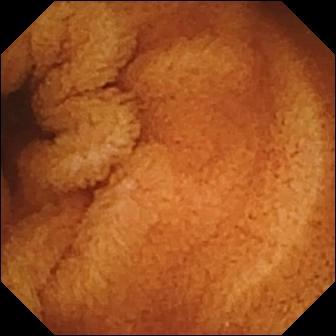Capsule endoscopy still (small intestine). Normal clean mucosa.